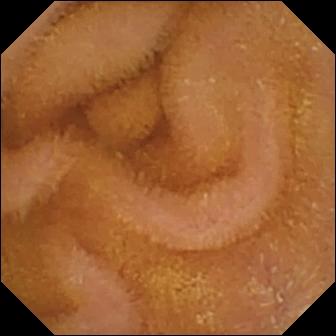Q: What does this VCE view show?
A: Normal clean mucosa.